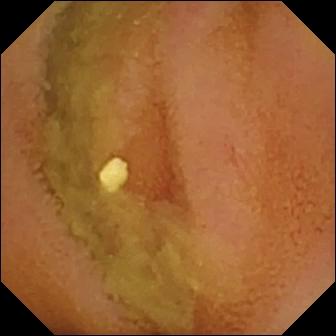Video capsule endoscopy frame
Finding: normal clean mucosa